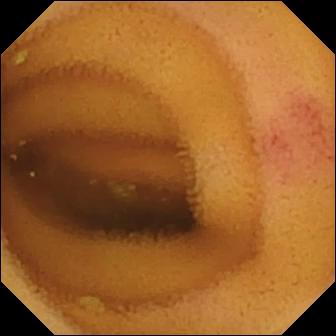modality: VCE
category: luminal finding
label: angiectasia